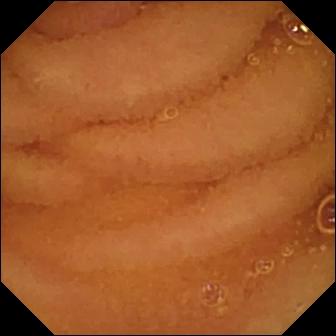{"modality": "wireless capsule endoscopy", "finding": "normal clean mucosa"}